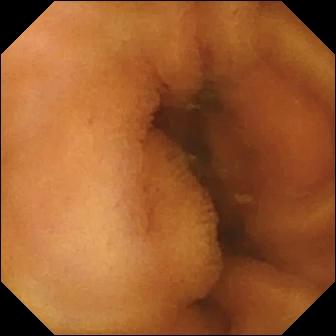{"modality": "video capsule endoscopy", "category": "luminal finding", "finding": "normal clean mucosa"}